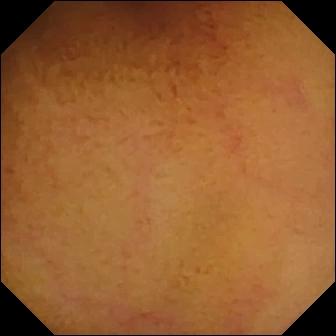Small-bowel capsule endoscopy snapshot, small intestine
Finding: normal clean mucosa